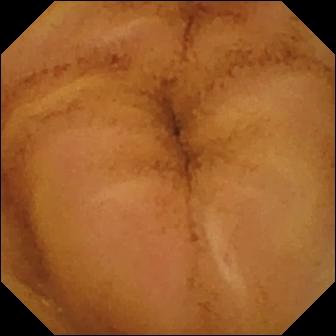{"modality": "WCE", "category": "luminal finding", "finding": "normal clean mucosa"}